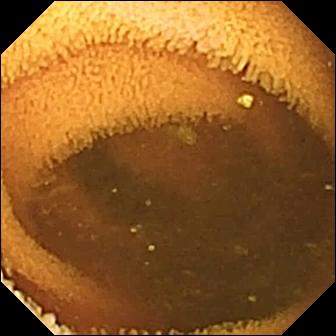Capsule endoscopy. Small intestine. Observation: normal clean mucosa.